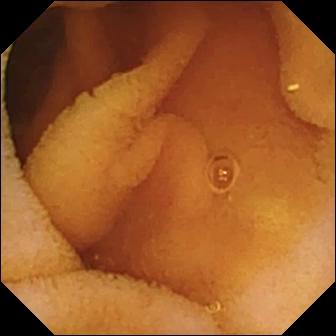Wireless capsule endoscopy view. Normal clean mucosa.